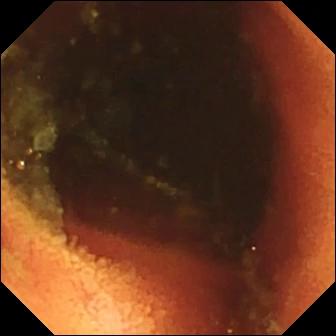- modality: small-bowel capsule endoscopy
- position: ileo-cecal valve region (where the capsule passes from the small bowel into the large bowel)